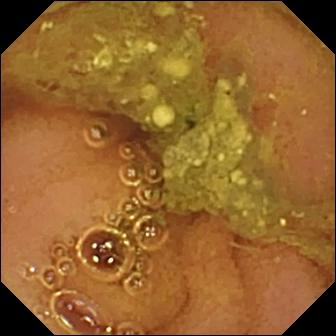Normal clean mucosa — WCE still.